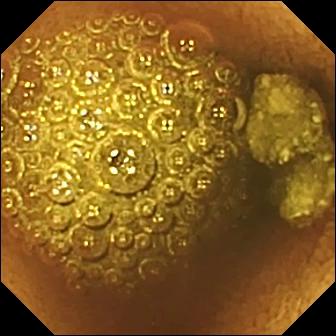{"modality": "VCE", "category": "luminal finding", "finding": "reduced mucosal view (content or bubbles obscuring the mucosa)"}